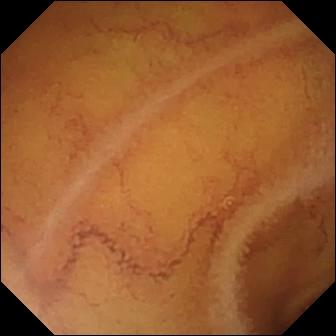Small-bowel capsule endoscopy. Small bowel. Impression: normal clean mucosa.